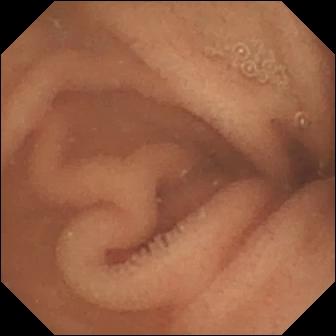Capsule endoscopy frame (small intestine). Normal clean mucosa.